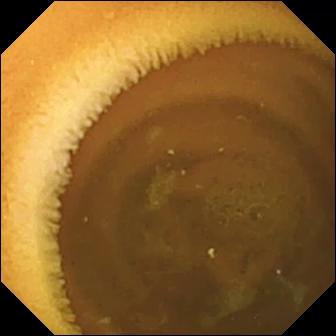This wireless capsule endoscopy still of the small intestine shows normal clean mucosa.